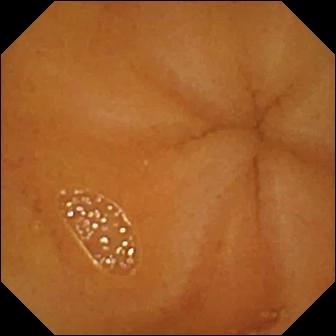WCE. Small bowel. Luminal finding. Impression: normal clean mucosa.